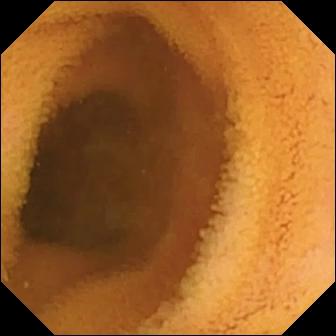This video capsule endoscopy snapshot of the small intestine shows normal clean mucosa.